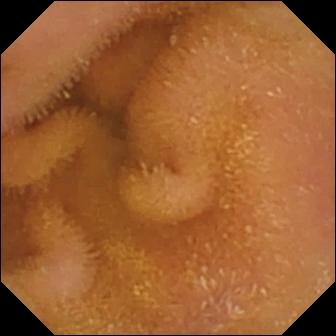Normal clean mucosa — VCE frame of the small intestine.